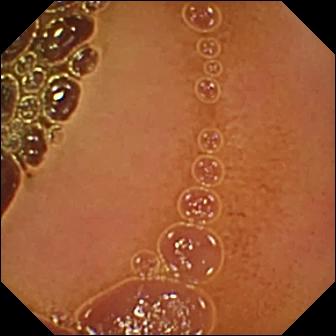{"modality": "video capsule endoscopy", "segment": "small bowel", "finding": "normal clean mucosa"}